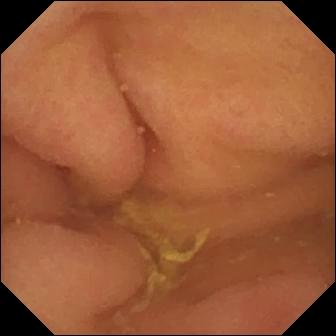{"modality": "video capsule endoscopy", "position": "pylorus region"}